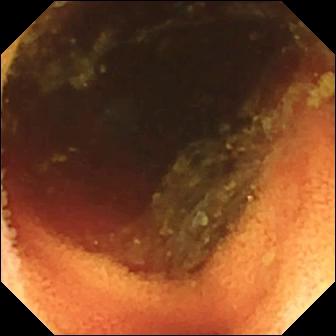Video capsule endoscopy frame
Location: ileo-cecal valve region (the transition from the small bowel to the large bowel)